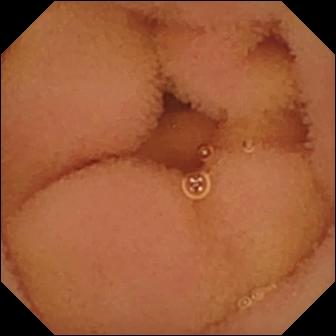WCE — normal clean mucosa.